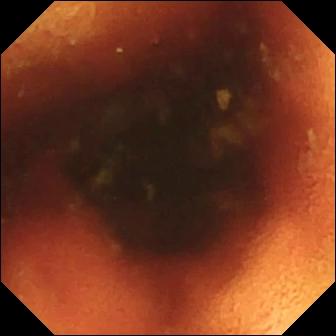WCE — ileo-cecal valve region.